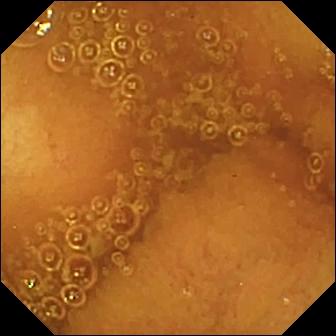Video capsule endoscopy snapshot (small intestine). Normal clean mucosa.